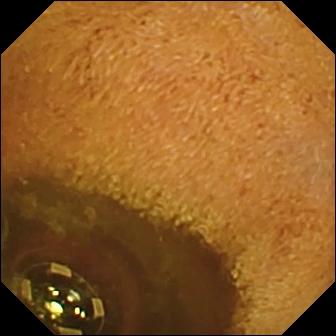PROCEDURE: Small-bowel capsule endoscopy.
FINDINGS: Foreign body (e.g. retained capsule, tablet residue).